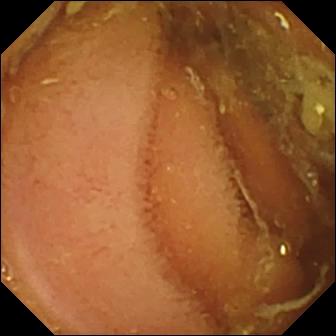This small-bowel capsule endoscopy view of the small bowel shows normal clean mucosa.